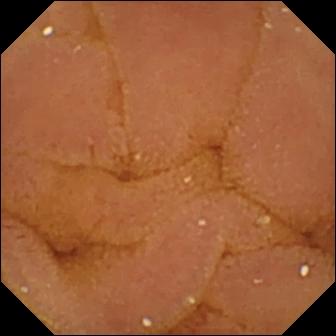modality: VCE
label: normal clean mucosa